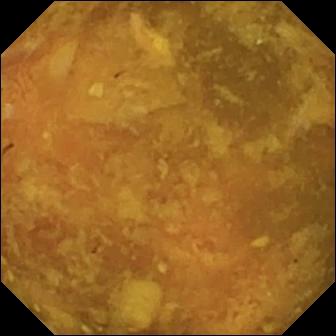This small-bowel capsule endoscopy view of the small bowel shows reduced mucosal view (content or bubbles obscuring the mucosa).